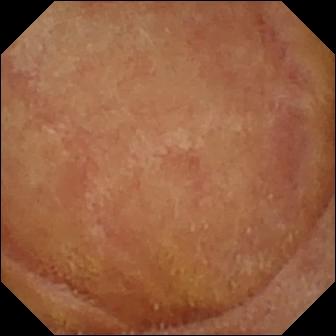- modality: video capsule endoscopy
- impression: normal clean mucosa